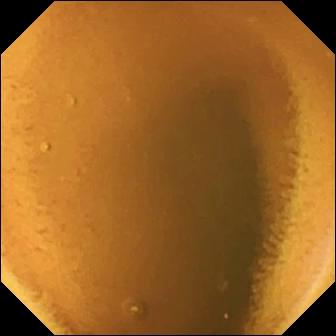modality: capsule endoscopy | observation: normal clean mucosa